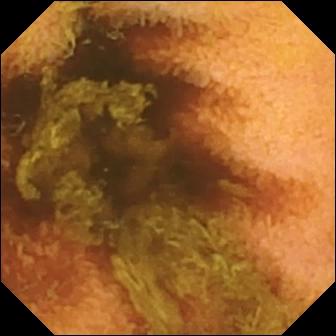- modality: WCE
- segment: small intestine
- observation: normal clean mucosa